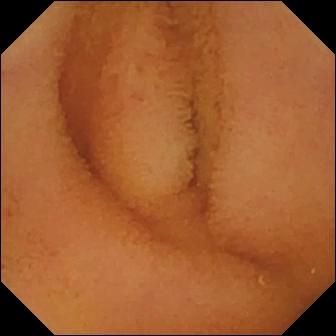- modality: VCE
- segment: small bowel
- category: luminal finding
- label: normal clean mucosa